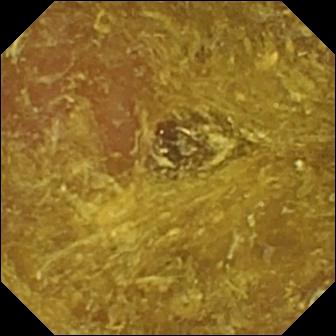This wireless capsule endoscopy frame shows reduced mucosal view (content or bubbles obscuring the mucosa).